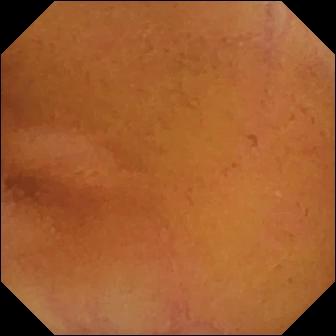modality: WCE | observation: normal clean mucosa